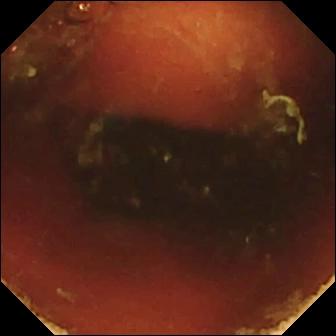Q: Where in the digestive tract was this VCE frame taken?
A: Ileo-cecal valve region (the transition from the small bowel to the large bowel).